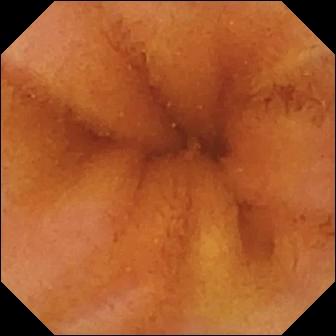This VCE still of the small intestine shows normal clean mucosa.